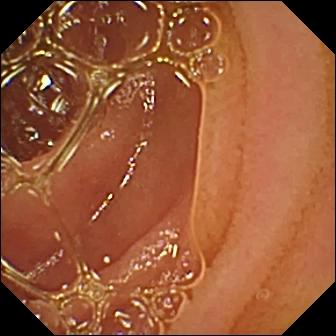WCE snapshot showing normal clean mucosa.